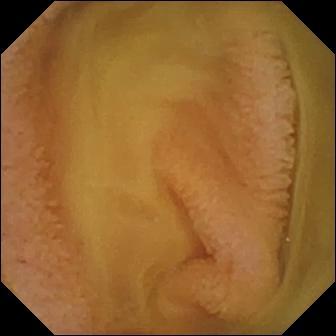Normal clean mucosa (336×336).